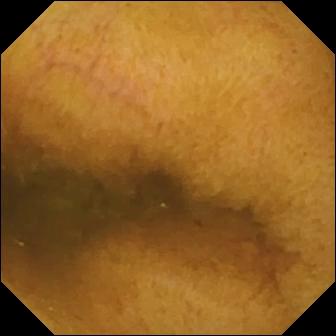PROCEDURE: VCE.
SEGMENT: Small bowel.
FINDINGS: Normal clean mucosa.